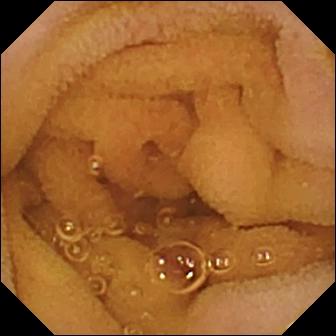Q: What does this wireless capsule endoscopy frame of the small bowel show?
A: Normal clean mucosa.